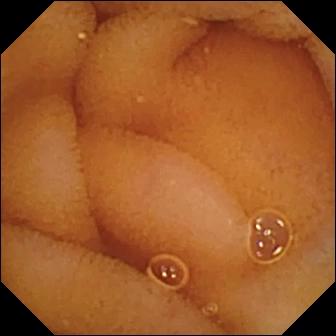modality: wireless capsule endoscopy | segment: small bowel | observation: normal clean mucosa